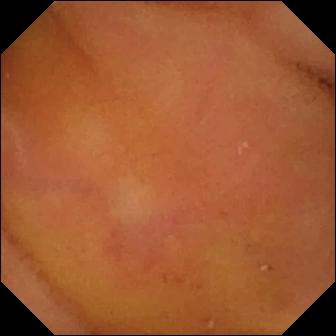{"modality": "video capsule endoscopy", "segment": "small bowel", "finding": "normal clean mucosa"}